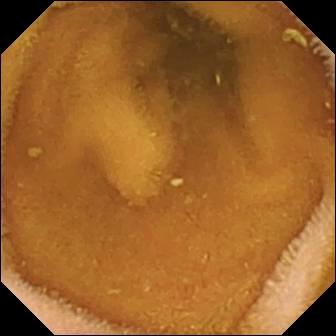Capsule endoscopy image, small bowel
Impression: normal clean mucosa